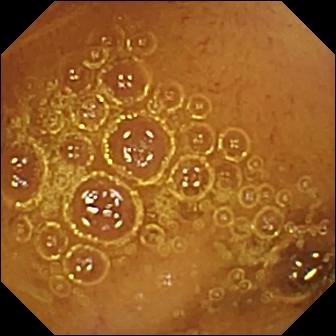modality: small-bowel capsule endoscopy; segment: small intestine; label: normal clean mucosa